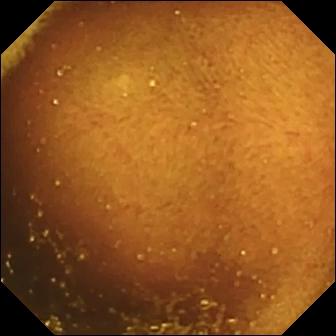This small-bowel capsule endoscopy still was taken in the ileo-cecal valve region (where the capsule passes from the small bowel into the large bowel).